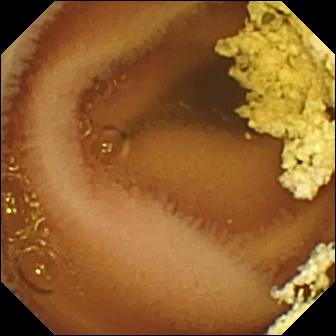PROCEDURE: WCE.
FINDINGS: Normal clean mucosa.